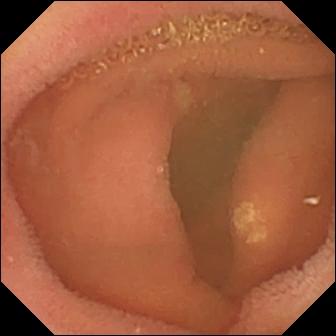{"modality": "video capsule endoscopy", "category": "luminal finding", "finding": "lymphangiectasia"}